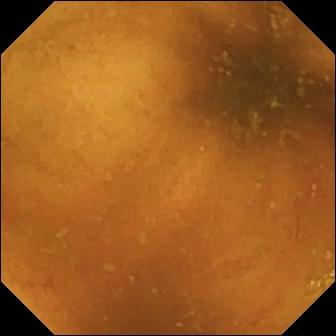Small-bowel capsule endoscopy. Impression: normal clean mucosa.